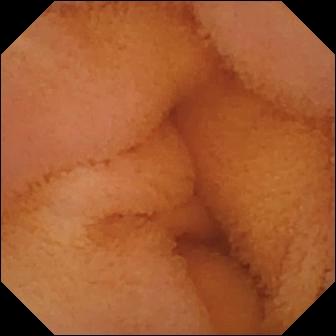Small-bowel capsule endoscopy — normal clean mucosa.